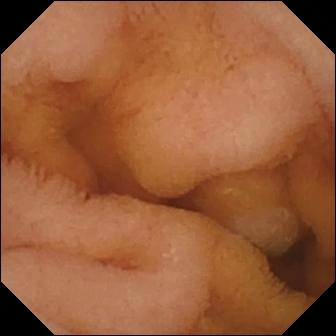Small-bowel capsule endoscopy still, 336×336. Normal clean mucosa.